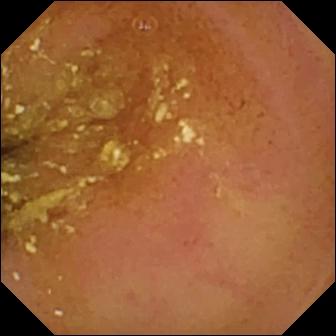Capsule endoscopy. Small bowel. Finding: normal clean mucosa.